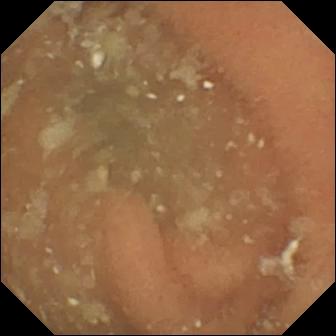{"modality": "wireless capsule endoscopy", "segment": "small bowel", "category": "luminal finding", "finding": "normal clean mucosa"}